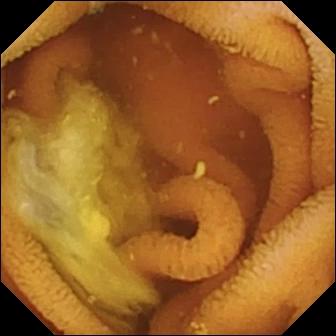Wireless capsule endoscopy — normal clean mucosa.